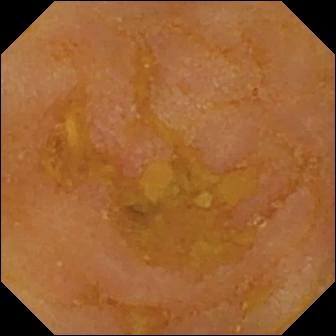Video capsule endoscopy snapshot showing reduced mucosal view (content or bubbles obscuring the mucosa).